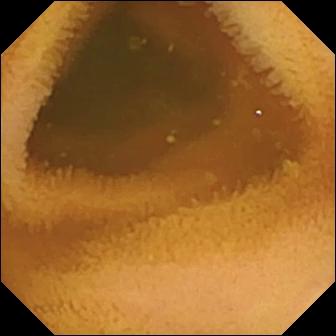Wireless capsule endoscopy — normal clean mucosa.